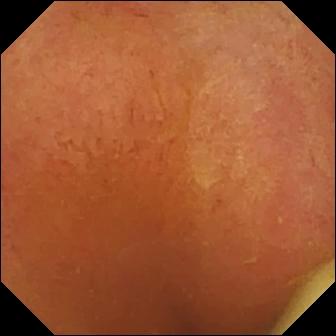Q: What does this video capsule endoscopy still show?
A: Foreign body (e.g. retained capsule, tablet residue).